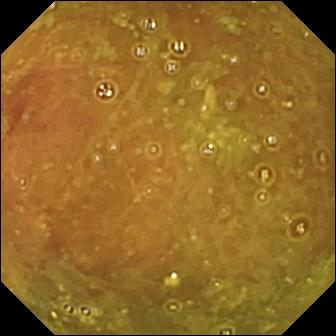Q: Where in the digestive tract was this capsule endoscopy snapshot taken?
A: Ileo-cecal valve region (where the capsule passes from the small bowel into the large bowel).